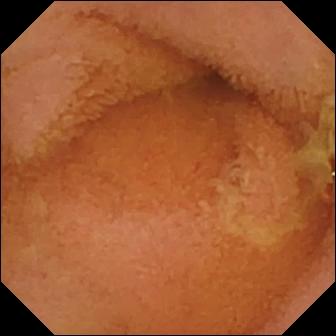Video capsule endoscopy frame
Observation: normal clean mucosa